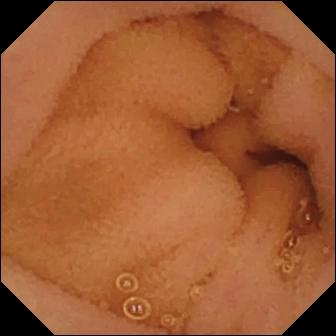Normal clean mucosa.